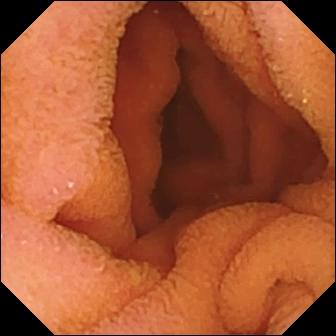PROCEDURE: WCE.
SEGMENT: Small intestine.
FINDINGS: Normal clean mucosa.